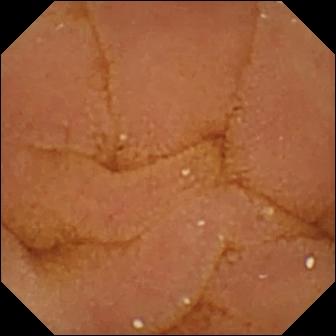Normal clean mucosa — WCE view.